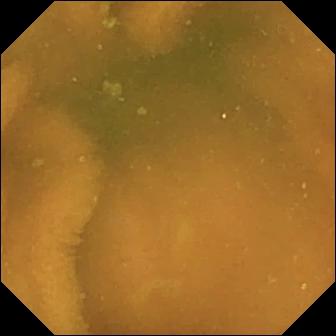modality: video capsule endoscopy; label: normal clean mucosa